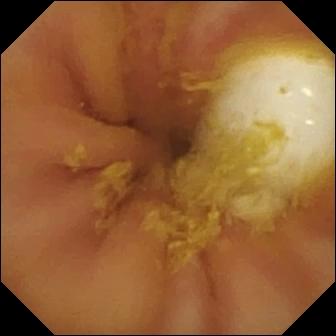Foreign body (e.g. retained capsule, tablet residue).